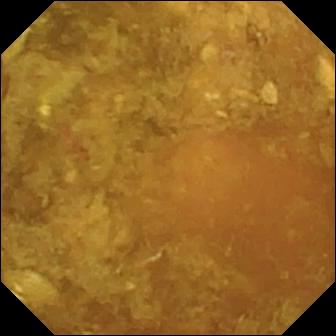Video capsule endoscopy. Impression: reduced mucosal view (content or bubbles obscuring the mucosa).